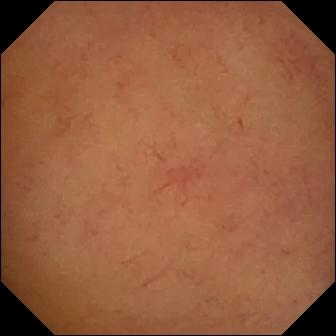PROCEDURE: WCE.
FINDINGS: Normal clean mucosa.